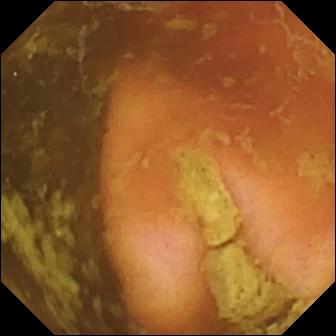- modality: WCE
- position: ileo-cecal valve region